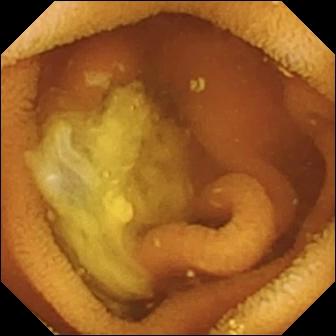Q: What does this VCE image show?
A: Normal clean mucosa.